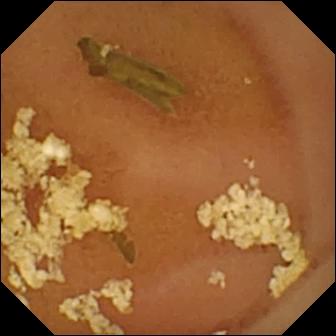- modality: capsule endoscopy
- segment: small bowel
- label: normal clean mucosa